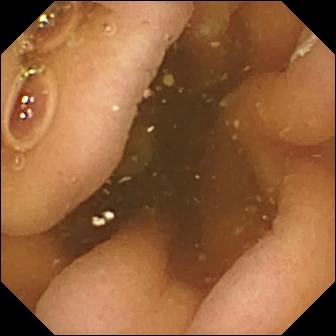Small-bowel capsule endoscopy — pylorus region.